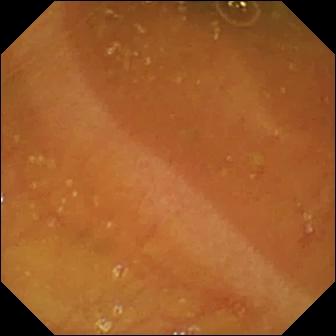VCE — ileo-cecal valve region (where the capsule passes from the small bowel into the large bowel).